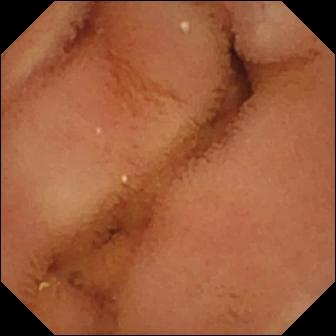This wireless capsule endoscopy frame of the small bowel shows normal clean mucosa.